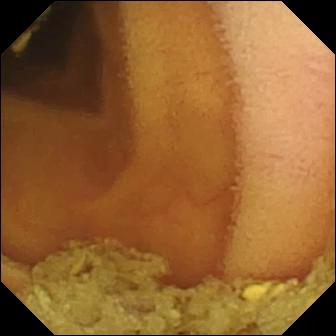Normal clean mucosa — VCE frame.